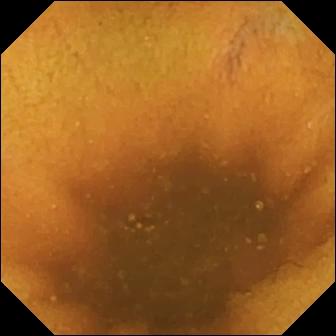Video capsule endoscopy image of the small intestine showing normal clean mucosa.